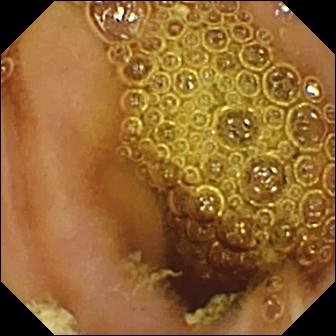{"modality": "wireless capsule endoscopy", "finding": "normal clean mucosa"}